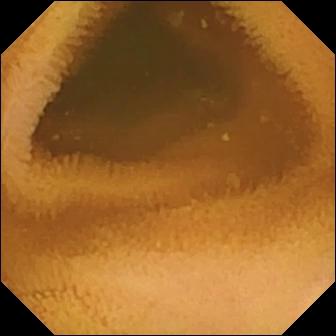- modality: WCE
- category: luminal finding
- observation: normal clean mucosa